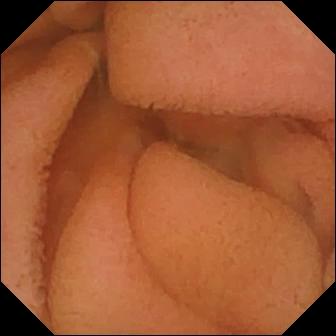Q: What does this VCE frame of the small intestine show?
A: Normal clean mucosa.